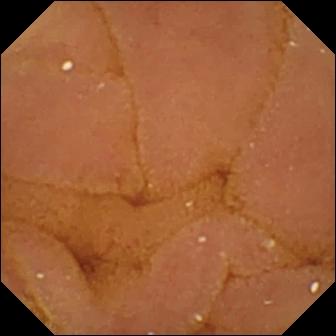WCE — normal clean mucosa.